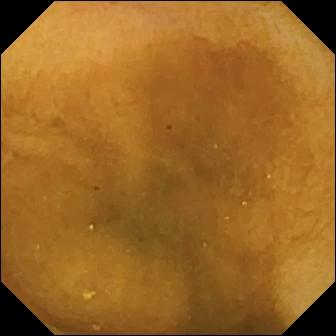Normal clean mucosa.